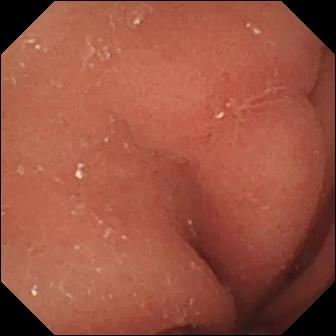- modality: video capsule endoscopy
- label: erosion